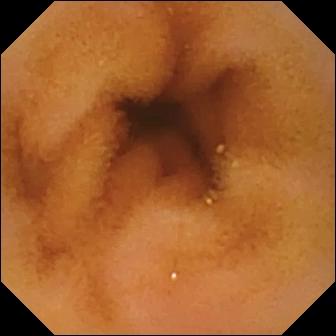Q: What does this wireless capsule endoscopy frame of the small intestine show?
A: Normal clean mucosa.